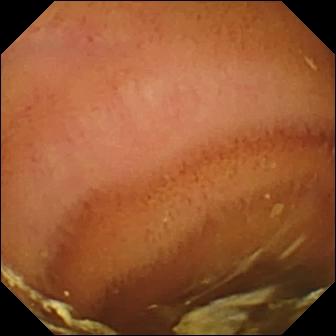modality: WCE; segment: small bowel; category: luminal finding; finding: normal clean mucosa